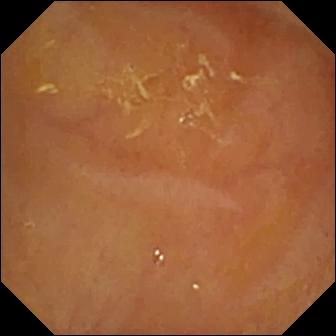Video capsule endoscopy — reduced mucosal view (content or bubbles obscuring the mucosa).